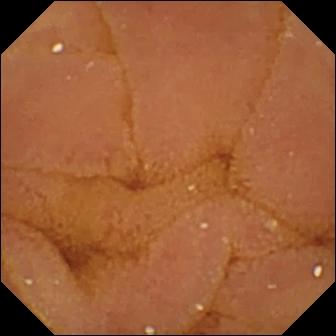- modality: WCE
- observation: normal clean mucosa